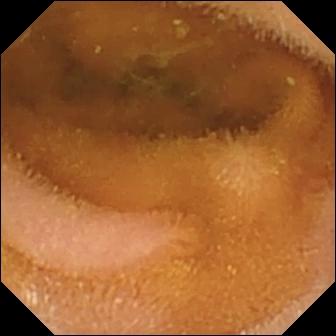- modality: VCE
- segment: small bowel
- finding: normal clean mucosa